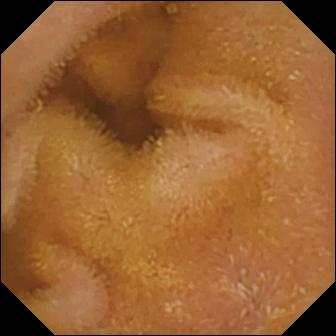Normal clean mucosa (336×336).